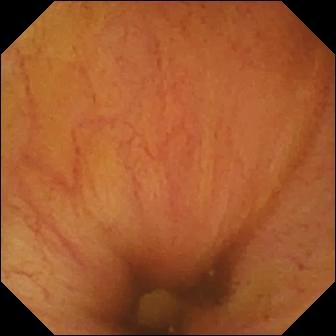Ileo-cecal valve region (where the capsule passes from the small bowel into the large bowel), 336×336.